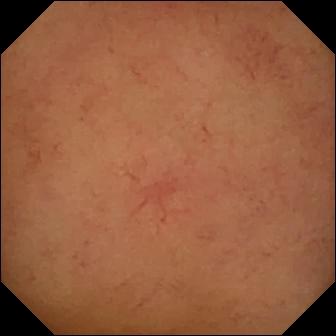Small-bowel capsule endoscopy frame showing normal clean mucosa.